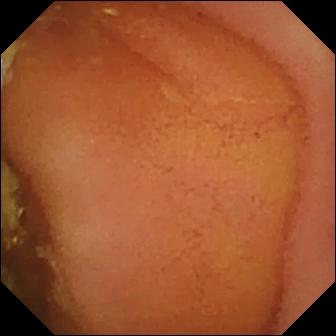{"modality": "wireless capsule endoscopy", "finding": "normal clean mucosa"}